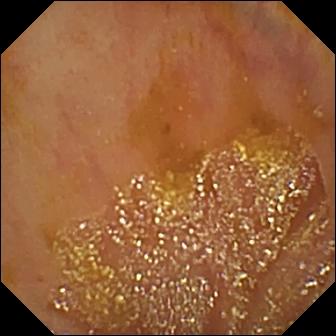modality: VCE | label: ileo-cecal valve region (the transition from the small bowel to the large bowel)